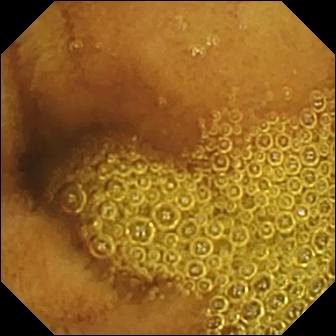PROCEDURE: Video capsule endoscopy.
SEGMENT: Small intestine.
FINDINGS: Normal clean mucosa.